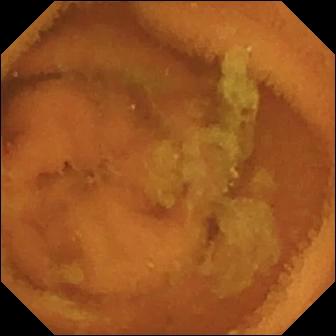{"modality": "VCE", "segment": "small intestine", "category": "luminal finding", "finding": "normal clean mucosa"}